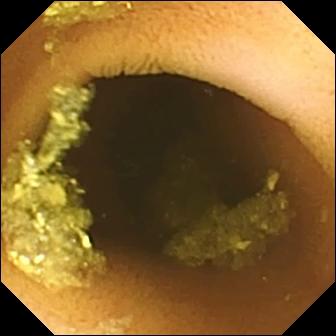Q: What does this small-bowel capsule endoscopy still show?
A: Normal clean mucosa.